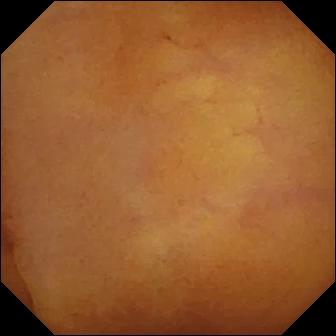Small-bowel capsule endoscopy image showing normal clean mucosa.